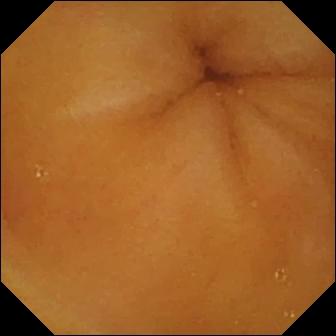This WCE frame shows normal clean mucosa.